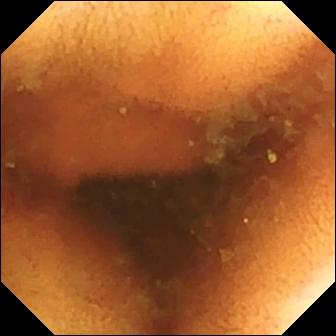Normal clean mucosa.